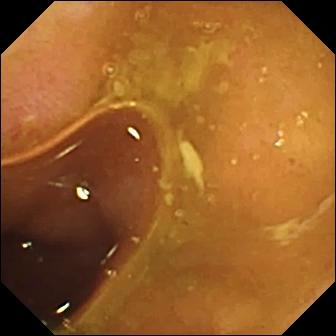PROCEDURE: Video capsule endoscopy.
FINDINGS: Erosion.